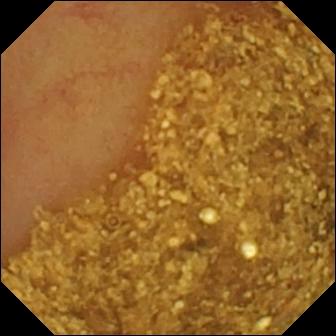Q: Where in the digestive tract was this VCE image taken?
A: Ileo-cecal valve region (the transition from the small bowel to the large bowel).